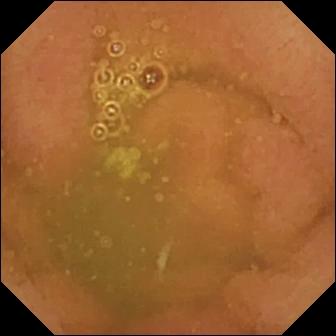Normal clean mucosa — VCE image of the small intestine.